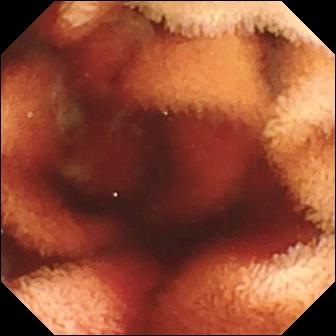VCE still, 336×336. Fresh blood in the lumen.